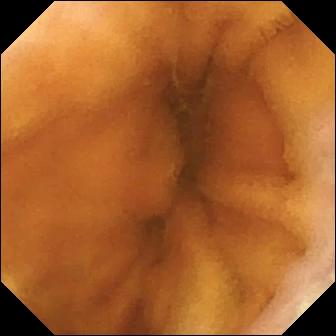Capsule endoscopy view (small intestine). Normal clean mucosa.